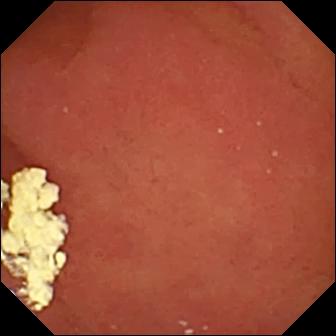Q: Where in the digestive tract was this wireless capsule endoscopy frame taken?
A: Pylorus region (the junction between the stomach and the small bowel).